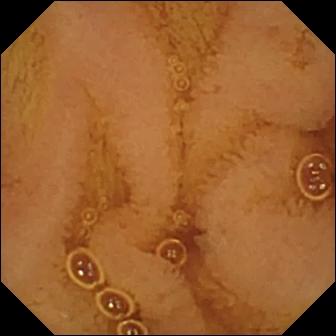WCE. Impression: normal clean mucosa.